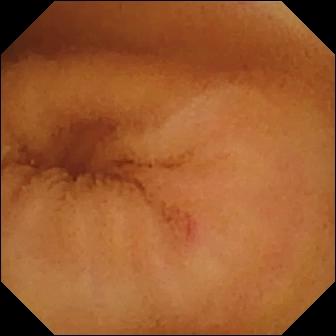PROCEDURE: Capsule endoscopy.
FINDINGS: Angiectasia.